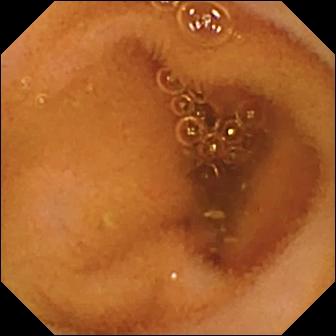{"modality": "VCE", "segment": "small bowel", "finding": "normal clean mucosa"}